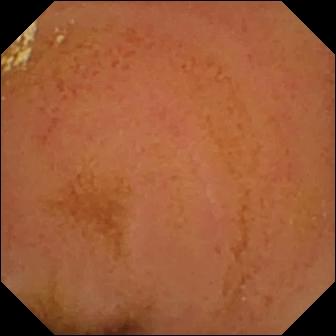Q: What does this VCE still of the small bowel show?
A: Normal clean mucosa.